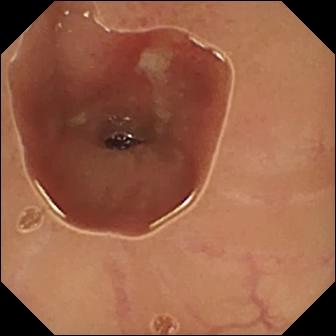WCE snapshot, 336×336. Ulcer.